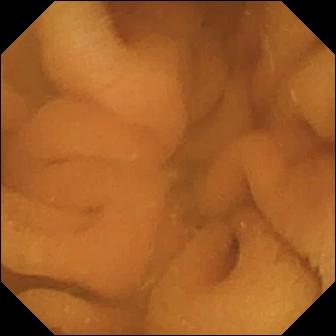WCE snapshot, 336×336. Normal clean mucosa.